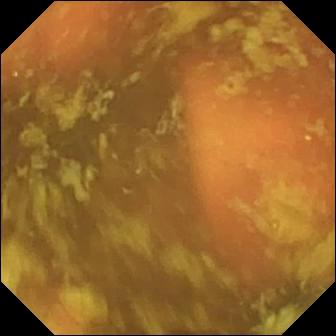PROCEDURE: VCE.
LABEL: Ileo-cecal valve region (where the capsule passes from the small bowel into the large bowel).